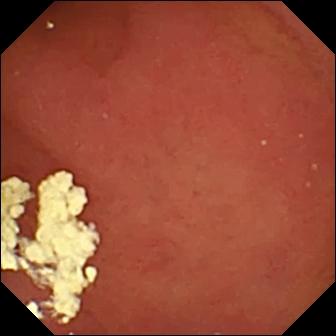This wireless capsule endoscopy image was taken in the pylorus region (where the capsule passes from the stomach into the small bowel).